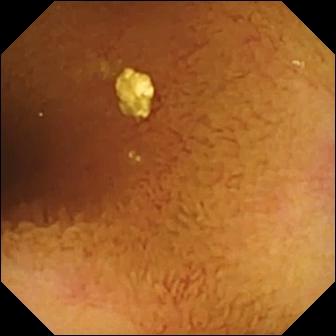This WCE view shows normal clean mucosa.